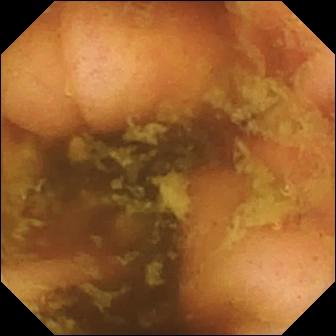Q: Where in the digestive tract was this small-bowel capsule endoscopy image taken?
A: Ileo-cecal valve region (where the capsule passes from the small bowel into the large bowel).